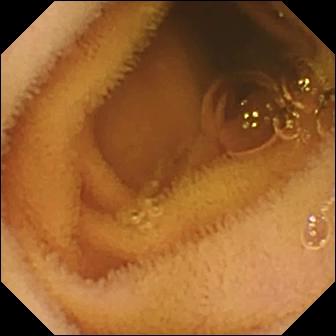Video capsule endoscopy snapshot of the small bowel showing normal clean mucosa.